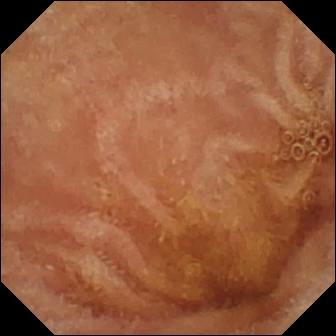modality: small-bowel capsule endoscopy | segment: small intestine | finding: normal clean mucosa